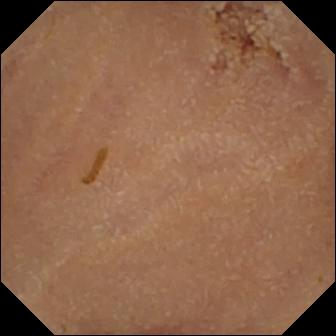{"modality": "VCE", "finding": "normal clean mucosa"}